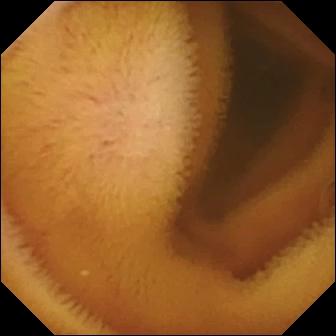Capsule endoscopy frame
Label: normal clean mucosa